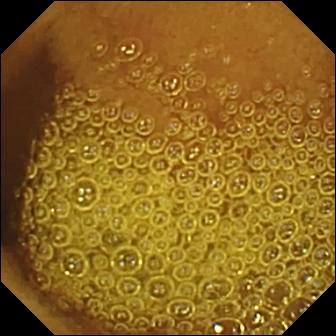WCE. Impression: normal clean mucosa.